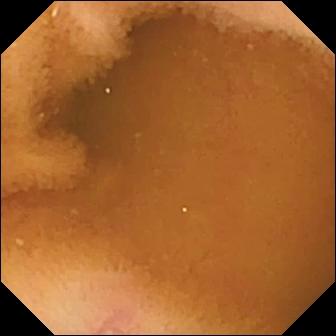VCE. Impression: normal clean mucosa.